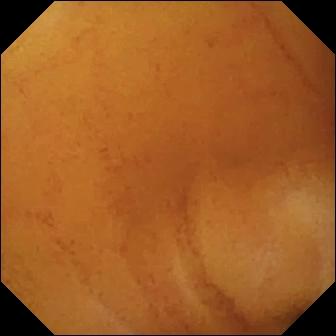Normal clean mucosa — VCE snapshot.